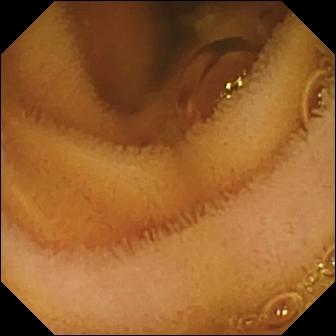Q: What does this small-bowel capsule endoscopy still of the small intestine show?
A: Normal clean mucosa.